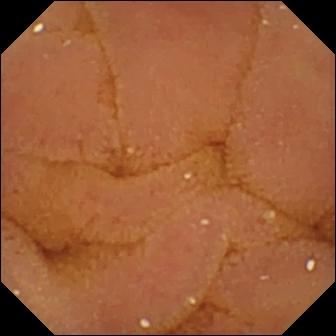Normal clean mucosa.